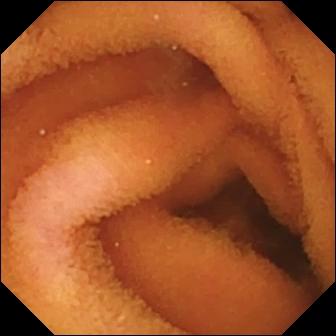Wireless capsule endoscopy — normal clean mucosa.